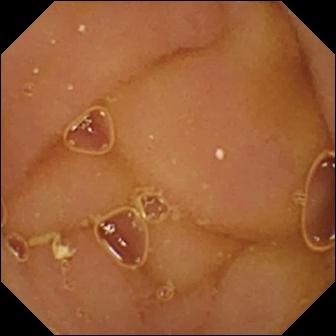Video capsule endoscopy image (small bowel). Normal clean mucosa.